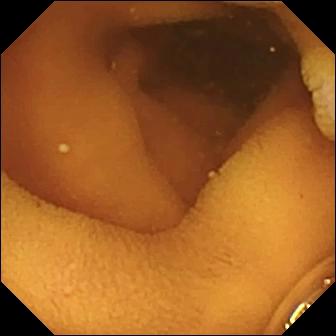VCE still
Finding: normal clean mucosa